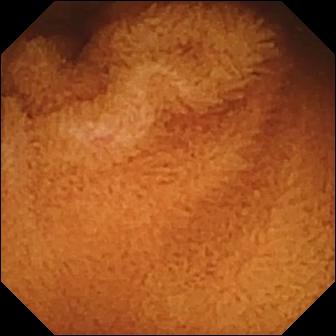Q: What does this VCE snapshot of the small bowel show?
A: Normal clean mucosa.